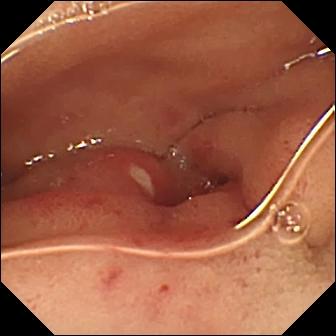Ulcer (336×336).